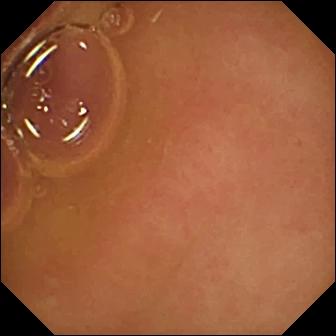- modality: wireless capsule endoscopy
- position: pylorus region (the junction between the stomach and the small bowel)